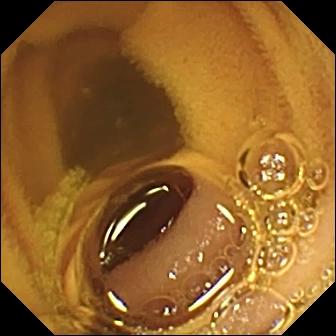VCE frame. Normal clean mucosa.